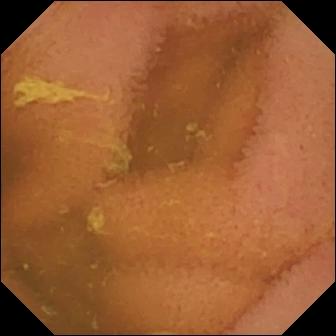{"modality": "small-bowel capsule endoscopy", "finding": "normal clean mucosa"}